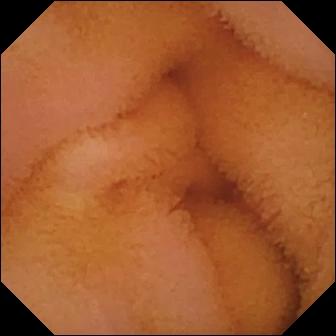modality: small-bowel capsule endoscopy | observation: normal clean mucosa